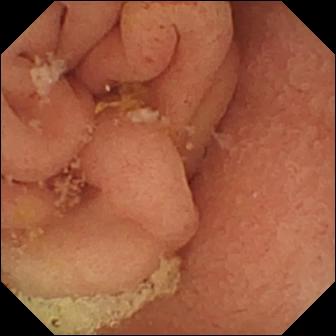Pylorus region (where the capsule passes from the stomach into the small bowel) — small-bowel capsule endoscopy image.